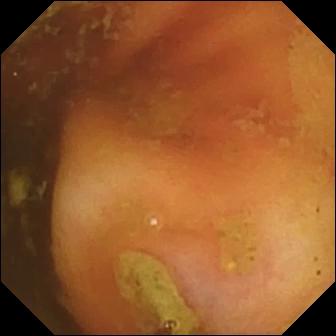Wireless capsule endoscopy snapshot
Location: ileo-cecal valve region